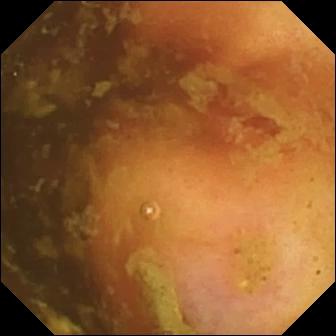Wireless capsule endoscopy. Near an anatomical landmark. Position: ileo-cecal valve region.